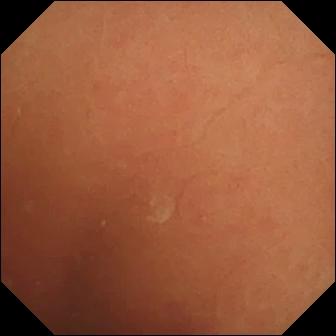Small-bowel capsule endoscopy — normal clean mucosa.